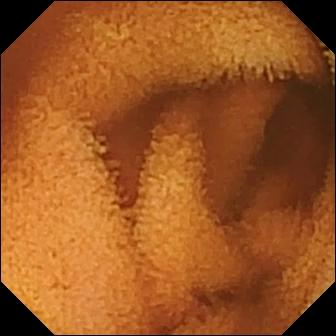Video capsule endoscopy — normal clean mucosa.